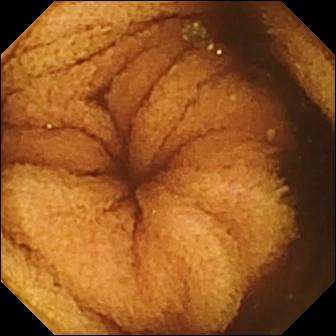This capsule endoscopy still of the small bowel shows normal clean mucosa.